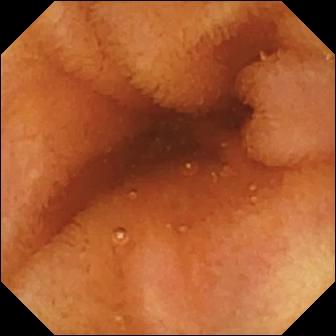modality: VCE | finding: normal clean mucosa